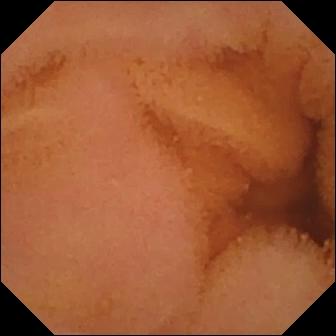Wireless capsule endoscopy — normal clean mucosa.